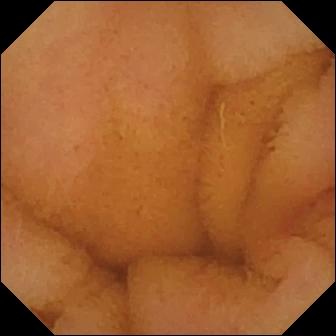modality: capsule endoscopy; segment: small intestine; category: luminal finding; label: normal clean mucosa